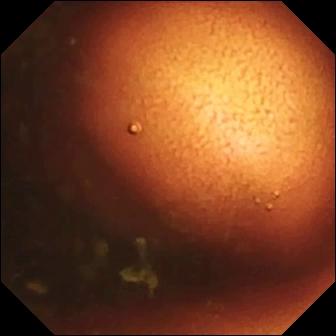Ileo-cecal valve region (the transition from the small bowel to the large bowel) — wireless capsule endoscopy view.